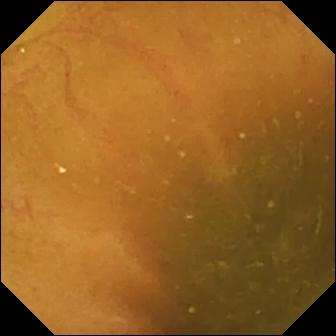Ileo-cecal valve region, 336×336.